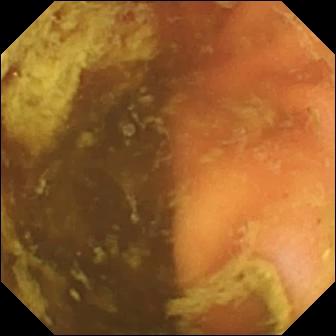Ileo-cecal valve region (where the capsule passes from the small bowel into the large bowel) — capsule endoscopy snapshot.